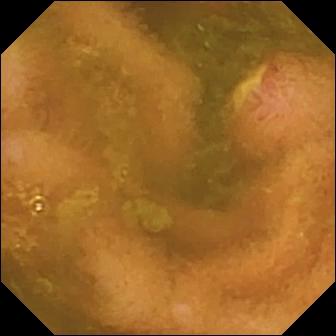PROCEDURE: Wireless capsule endoscopy.
FINDINGS: Ulcer.